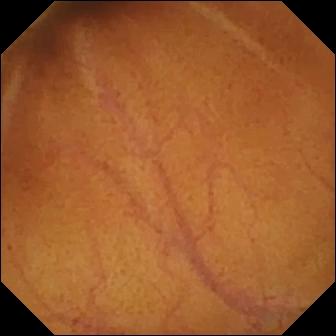Normal clean mucosa.